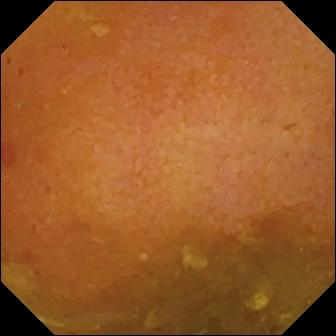Reduced mucosal view (content or bubbles obscuring the mucosa) — video capsule endoscopy image.